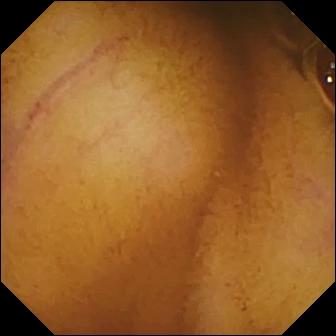Normal clean mucosa (336×336).